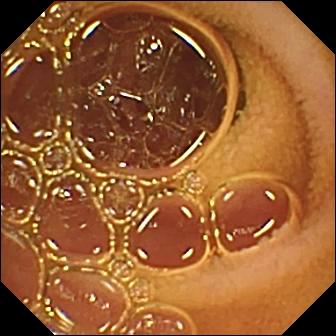PROCEDURE: Video capsule endoscopy.
FINDINGS: Normal clean mucosa.